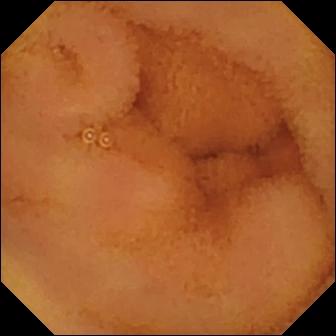WCE view (small bowel). Normal clean mucosa.